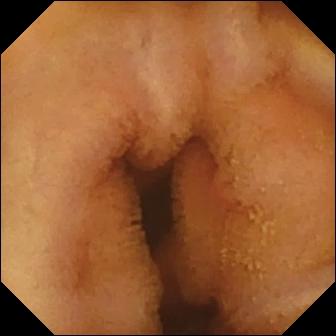This VCE view shows normal clean mucosa.